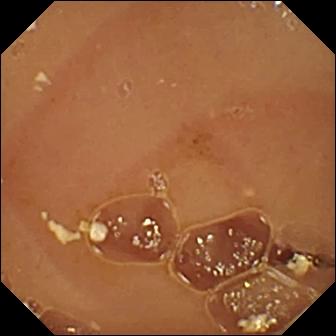- modality: capsule endoscopy
- impression: normal clean mucosa